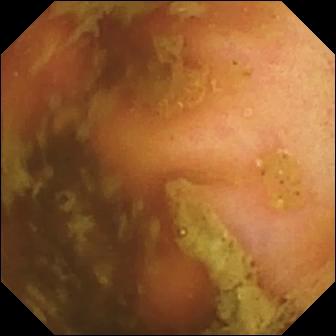This WCE still was taken in the ileo-cecal valve region.